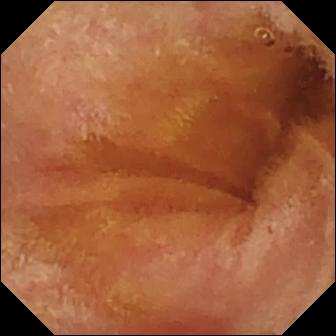Small-bowel capsule endoscopy — normal clean mucosa.